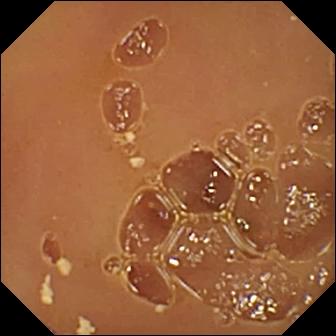{"modality": "small-bowel capsule endoscopy", "segment": "small bowel", "finding": "normal clean mucosa"}